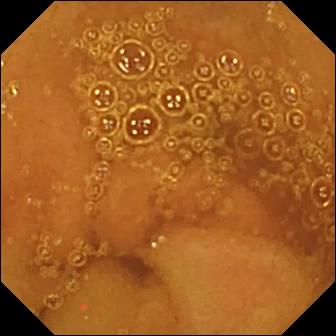Q: What does this video capsule endoscopy snapshot show?
A: Normal clean mucosa.